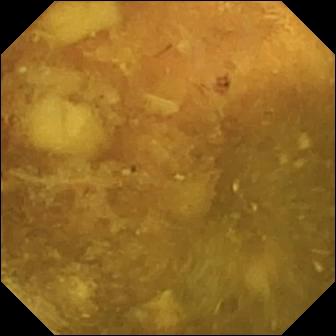Q: What does this VCE image show?
A: Reduced mucosal view (content or bubbles obscuring the mucosa).